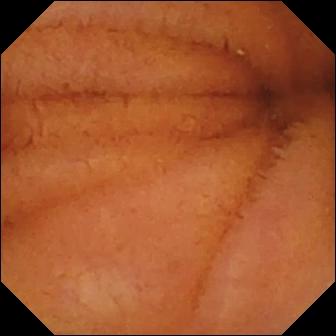Normal clean mucosa.